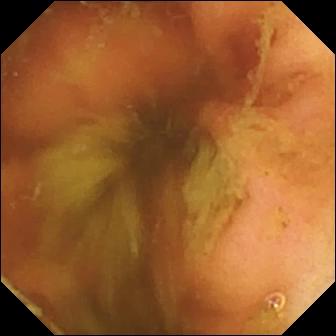Ileo-cecal valve region (where the capsule passes from the small bowel into the large bowel).